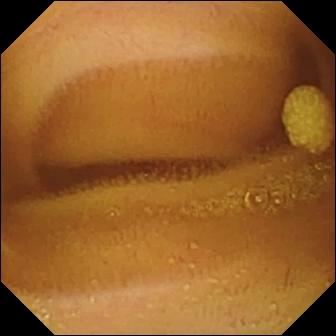{"modality": "video capsule endoscopy", "finding": "lymphangiectasia"}